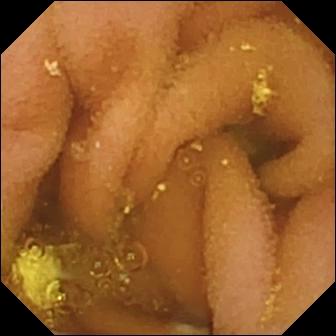Wireless capsule endoscopy image showing lymphangiectasia.